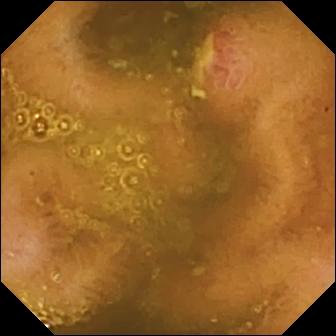Q: What does this WCE still show?
A: Ulcer.